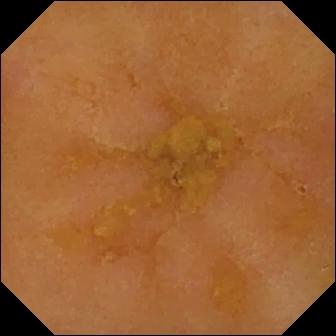{"modality": "wireless capsule endoscopy", "category": "luminal finding", "finding": "reduced mucosal view (content or bubbles obscuring the mucosa)"}